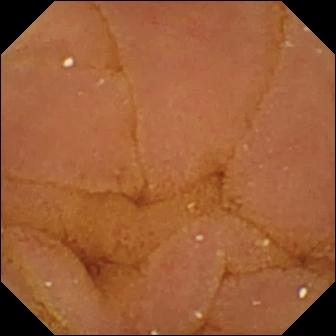modality: wireless capsule endoscopy
finding: normal clean mucosa